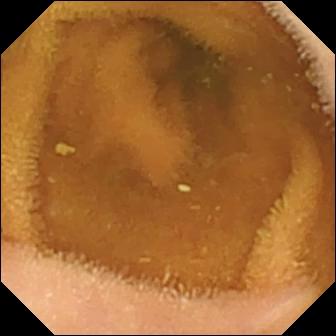{"modality": "video capsule endoscopy", "segment": "small intestine", "finding": "normal clean mucosa"}